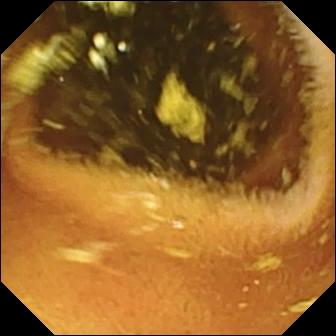VCE still
Impression: normal clean mucosa